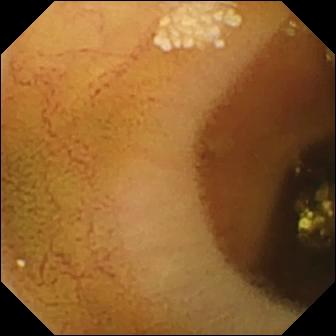- modality: small-bowel capsule endoscopy
- category: luminal finding
- label: lymphangiectasia